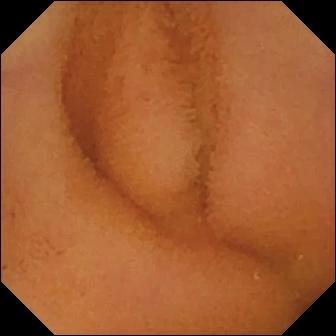Wireless capsule endoscopy frame showing normal clean mucosa.